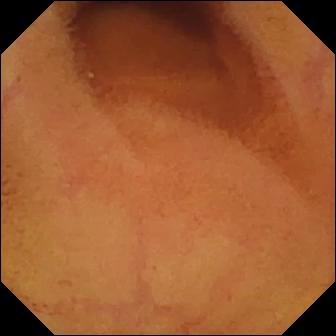Normal clean mucosa.